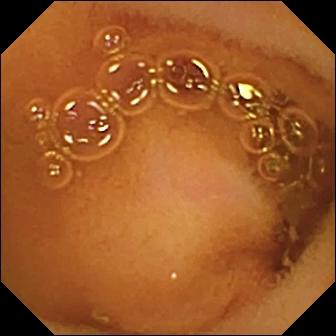Wireless capsule endoscopy. Small bowel. Luminal finding. Observation: normal clean mucosa.